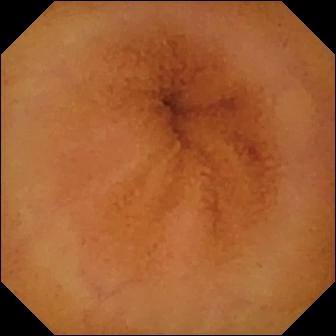PROCEDURE: Wireless capsule endoscopy.
SEGMENT: Small intestine.
FINDINGS: Normal clean mucosa.